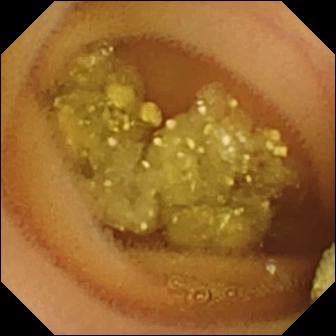- modality: capsule endoscopy
- category: luminal finding
- impression: lymphangiectasia